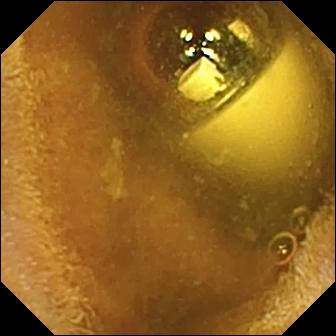Video capsule endoscopy. Luminal finding. Finding: foreign body (e.g. retained capsule, tablet residue).